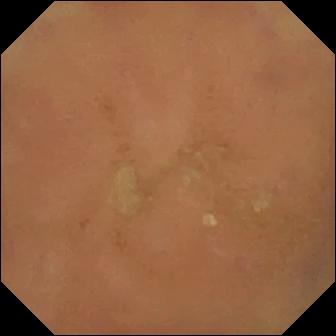VCE still showing normal clean mucosa.